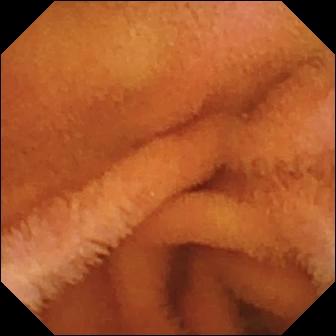modality: small-bowel capsule endoscopy | impression: normal clean mucosa